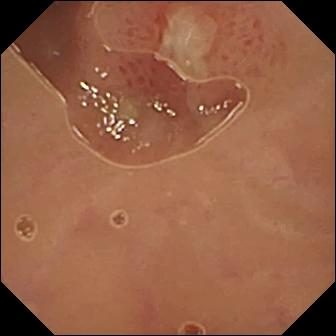Small-bowel capsule endoscopy view
Observation: ulcer